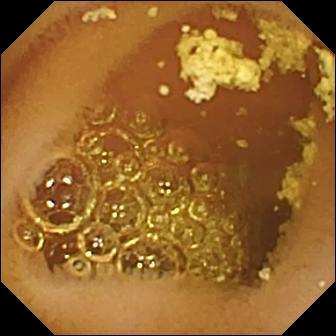- modality: capsule endoscopy
- observation: normal clean mucosa